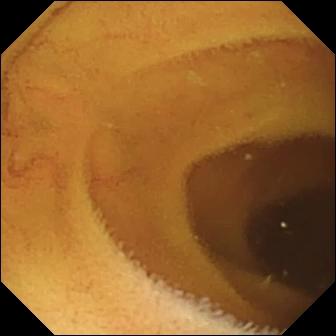{"modality": "wireless capsule endoscopy", "finding": "normal clean mucosa"}